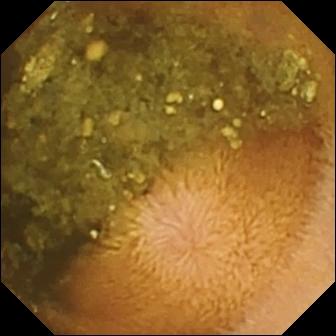Reduced mucosal view (content or bubbles obscuring the mucosa) — capsule endoscopy frame of the small intestine.